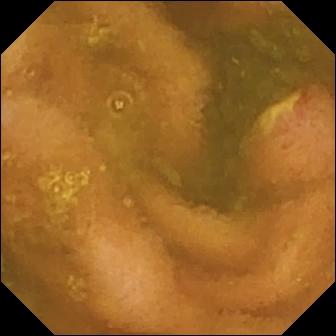VCE frame. Ulcer.